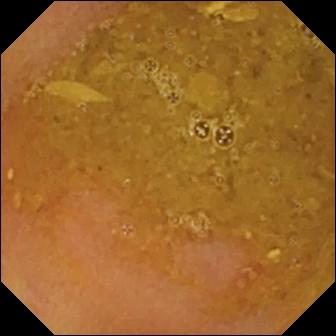PROCEDURE: Video capsule endoscopy.
FINDINGS: Reduced mucosal view (content or bubbles obscuring the mucosa).